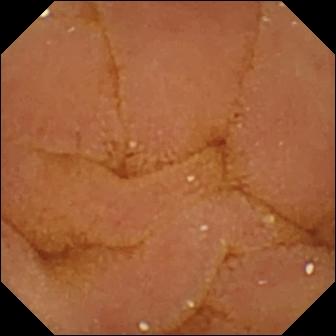{"modality": "wireless capsule endoscopy", "finding": "normal clean mucosa"}